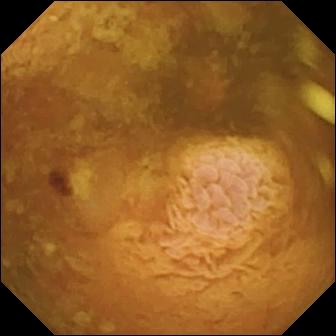This capsule endoscopy snapshot of the small bowel shows reduced mucosal view (content or bubbles obscuring the mucosa).